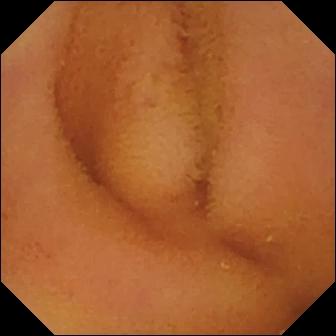Small-bowel capsule endoscopy — normal clean mucosa.